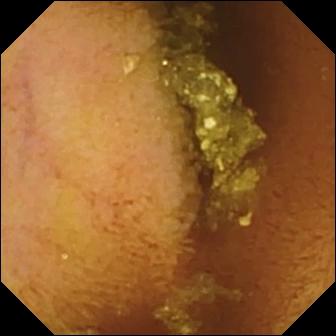Capsule endoscopy. Small bowel. Label: normal clean mucosa.